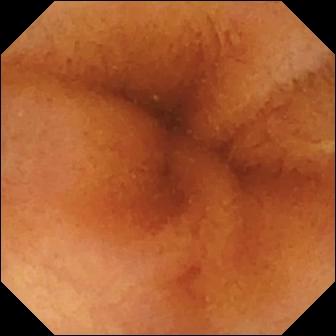modality: VCE; segment: small intestine; impression: normal clean mucosa